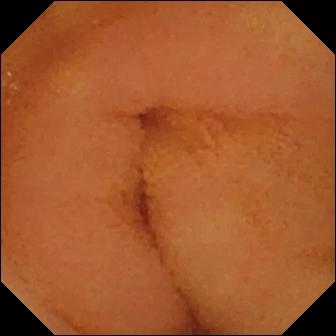Normal clean mucosa — wireless capsule endoscopy snapshot of the small intestine.